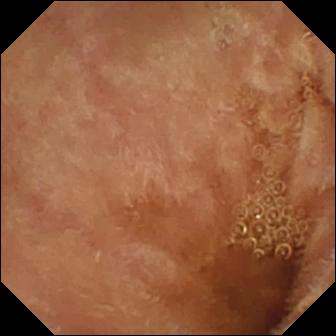Video capsule endoscopy image showing normal clean mucosa.